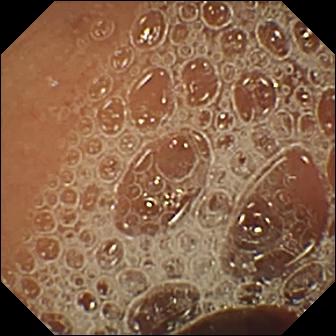Small-bowel capsule endoscopy image showing normal clean mucosa.